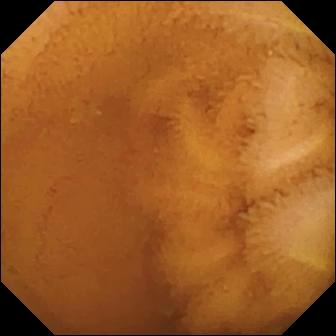modality: WCE; label: normal clean mucosa